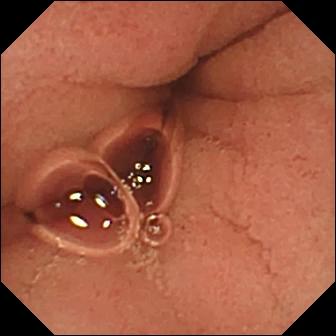PROCEDURE: Video capsule endoscopy.
VIDEO SEGMENT: Pylorus region.